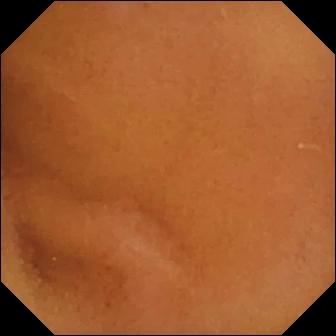Wireless capsule endoscopy. Observation: normal clean mucosa.